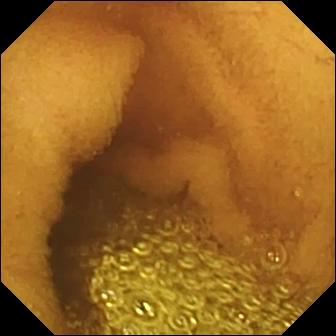Small-bowel capsule endoscopy — normal clean mucosa.